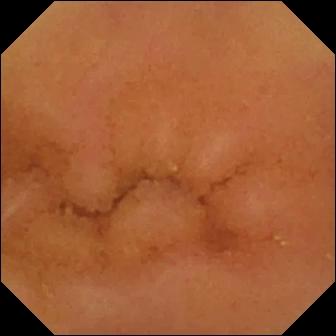{"modality": "wireless capsule endoscopy", "segment": "small intestine", "finding": "normal clean mucosa"}